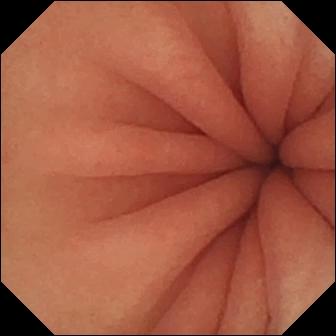Pylorus region.